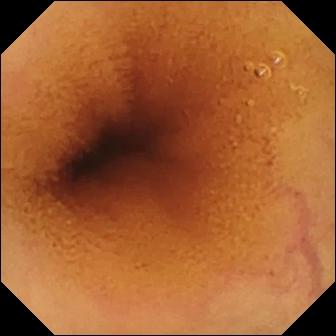Small-bowel capsule endoscopy view showing normal clean mucosa.